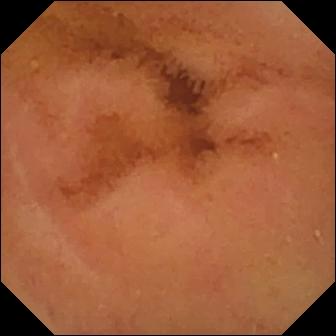PROCEDURE: Small-bowel capsule endoscopy.
FINDINGS: Normal clean mucosa.